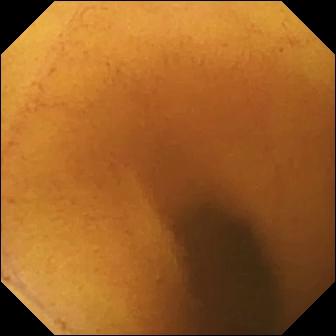PROCEDURE: Capsule endoscopy.
SEGMENT: Small bowel.
FINDINGS: Normal clean mucosa.